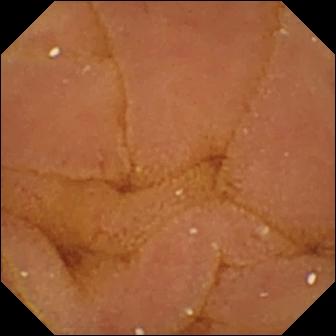Wireless capsule endoscopy — normal clean mucosa.